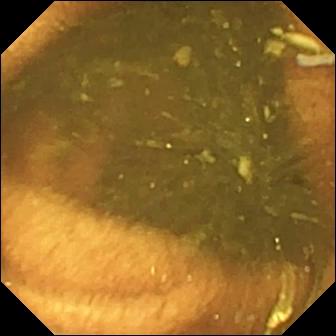Ileo-cecal valve region (where the capsule passes from the small bowel into the large bowel) — wireless capsule endoscopy view.